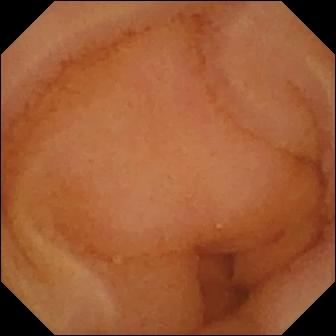Wireless capsule endoscopy view showing normal clean mucosa.